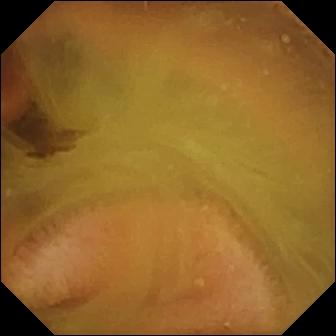This video capsule endoscopy still of the small intestine shows normal clean mucosa.